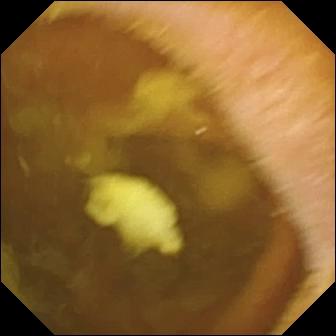modality: WCE | segment: small bowel | observation: normal clean mucosa